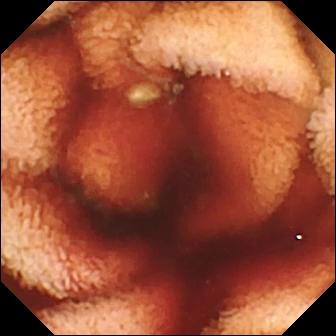VCE image
Observation: fresh blood in the lumen